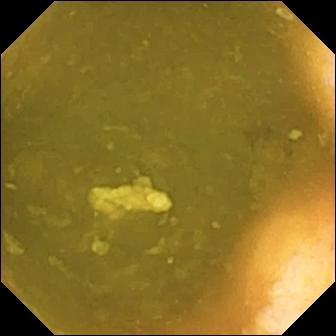This WCE image was taken in the ileo-cecal valve region (the transition from the small bowel to the large bowel).